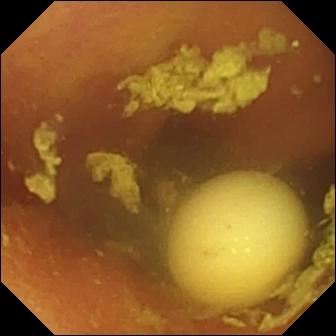modality: capsule endoscopy
observation: foreign body (e.g. retained capsule, tablet residue)